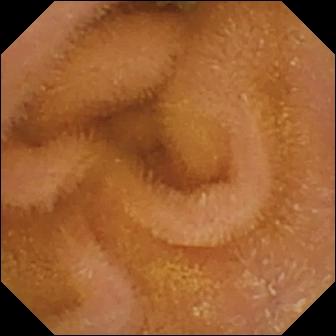Normal clean mucosa.